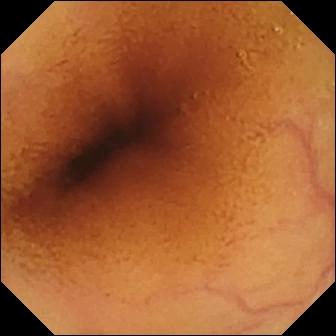Wireless capsule endoscopy — normal clean mucosa.